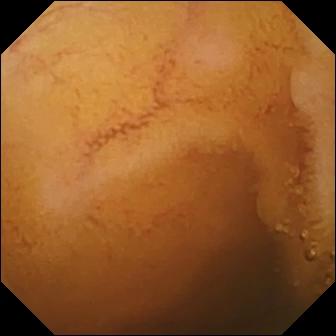Capsule endoscopy. Small bowel. Label: normal clean mucosa.